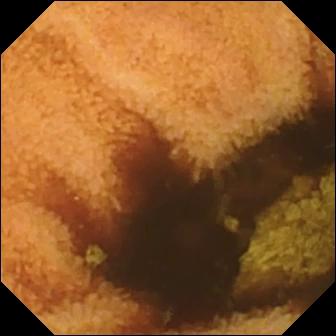Capsule endoscopy. Small bowel. Impression: normal clean mucosa.